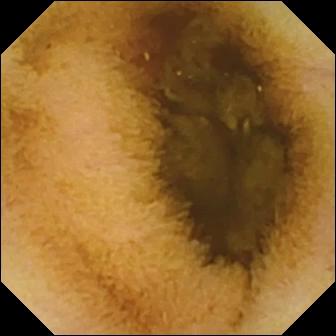This small-bowel capsule endoscopy view shows normal clean mucosa.